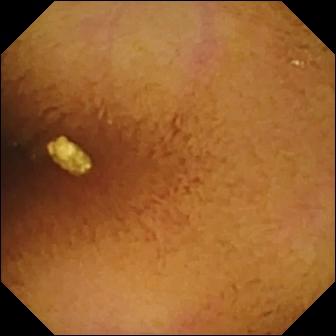{"modality": "small-bowel capsule endoscopy", "finding": "normal clean mucosa"}